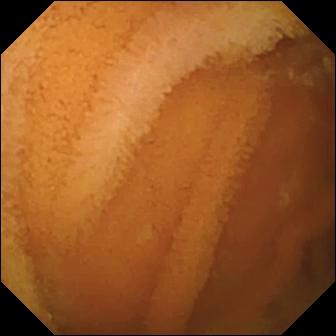Normal clean mucosa.